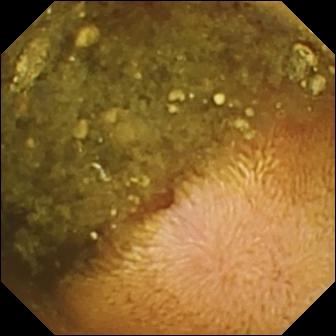VCE frame, 336×336. Reduced mucosal view (content or bubbles obscuring the mucosa).